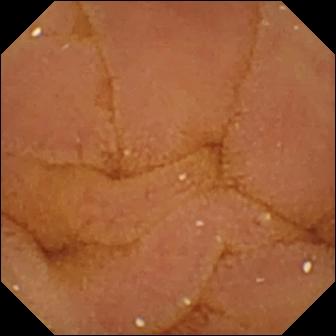- modality: video capsule endoscopy
- segment: small bowel
- finding: normal clean mucosa